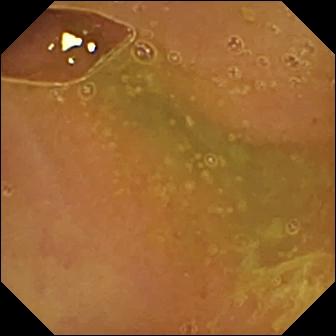{"modality": "WCE", "finding": "normal clean mucosa"}